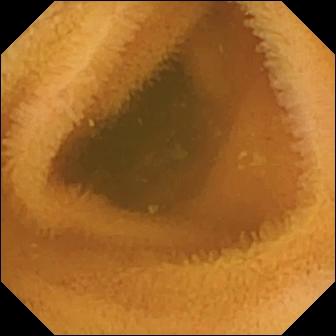modality: VCE | label: normal clean mucosa